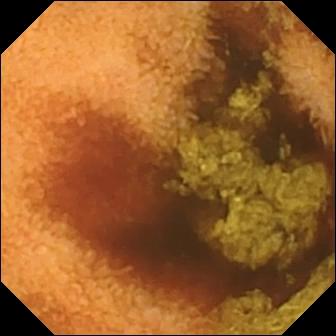Normal clean mucosa.